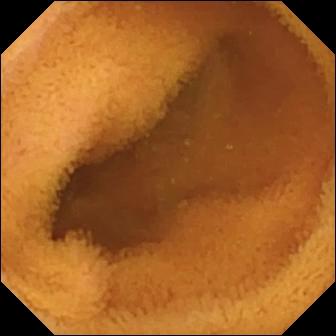Video capsule endoscopy. Small bowel. Finding: normal clean mucosa.